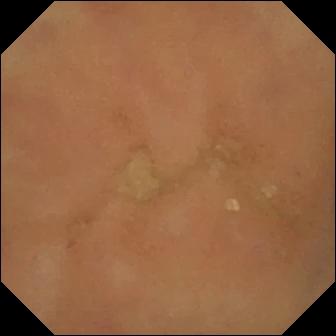Normal clean mucosa.